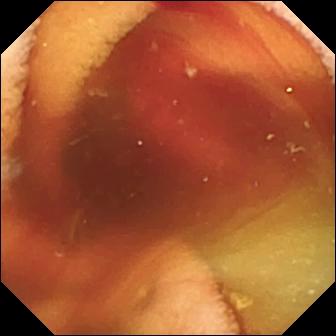This wireless capsule endoscopy snapshot shows fresh blood in the lumen.